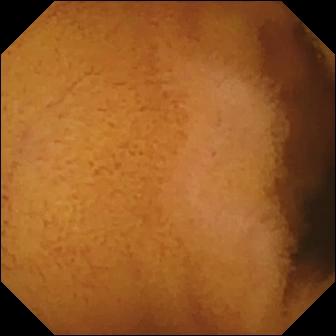modality: VCE | segment: small intestine | category: luminal finding | label: normal clean mucosa